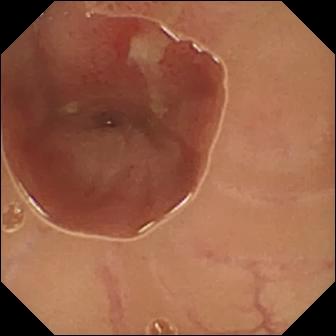{"modality": "WCE", "category": "luminal finding", "finding": "ulcer"}